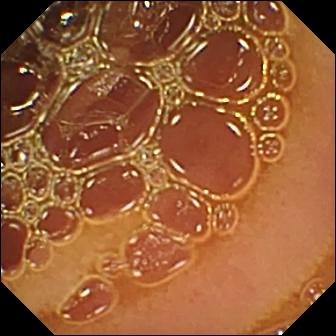VCE frame, small intestine
Impression: normal clean mucosa